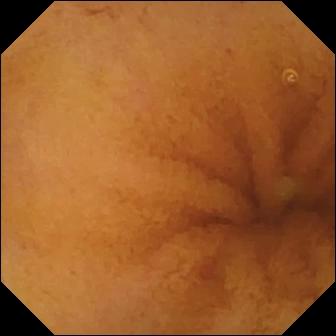PROCEDURE: Small-bowel capsule endoscopy.
FINDINGS: Normal clean mucosa.